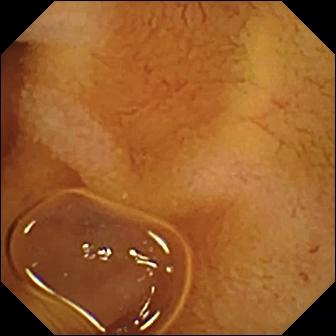PROCEDURE: Small-bowel capsule endoscopy.
SEGMENT: Small bowel.
FINDINGS: Normal clean mucosa.